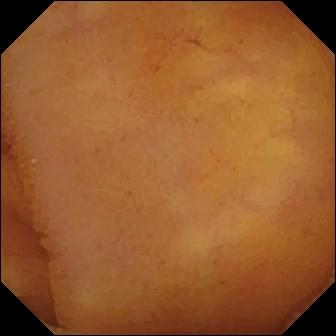This capsule endoscopy snapshot of the small intestine shows normal clean mucosa.